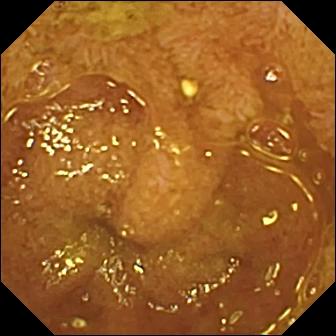WCE — ileo-cecal valve region (the transition from the small bowel to the large bowel).